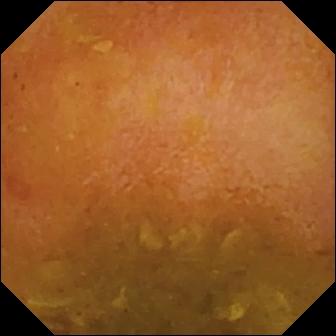Small-bowel capsule endoscopy image showing reduced mucosal view (content or bubbles obscuring the mucosa).